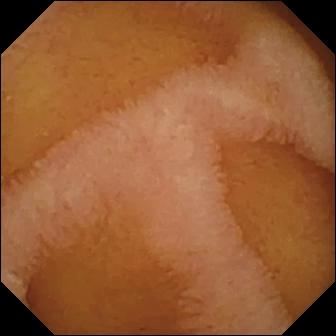Normal clean mucosa.